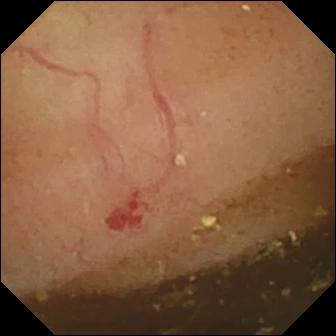WCE still showing angiectasia.